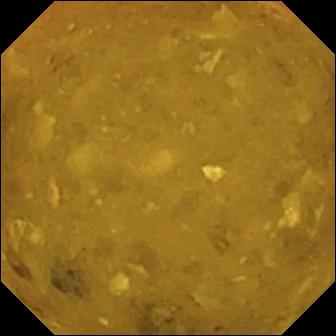- modality: small-bowel capsule endoscopy
- segment: small bowel
- finding: reduced mucosal view (content or bubbles obscuring the mucosa)